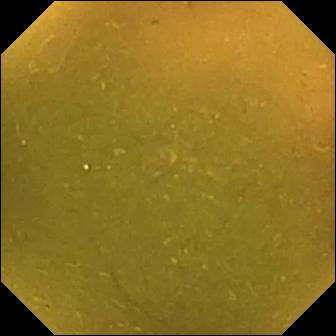This small-bowel capsule endoscopy snapshot was taken in the ileo-cecal valve region.